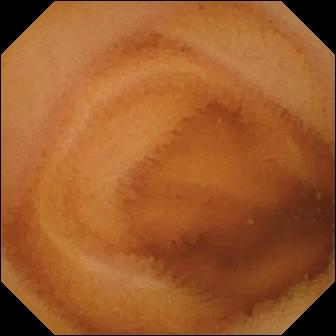Normal clean mucosa.